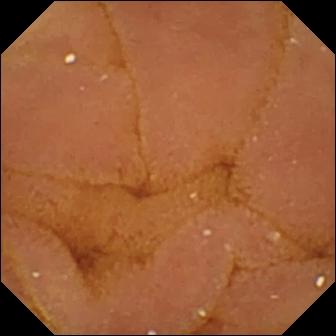PROCEDURE: Wireless capsule endoscopy.
SEGMENT: Small intestine.
FINDINGS: Normal clean mucosa.